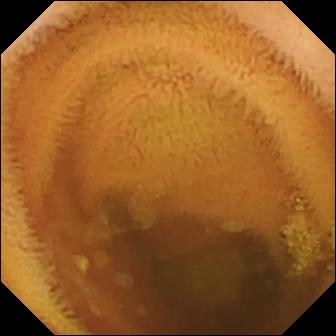modality: small-bowel capsule endoscopy
segment: small bowel
label: normal clean mucosa